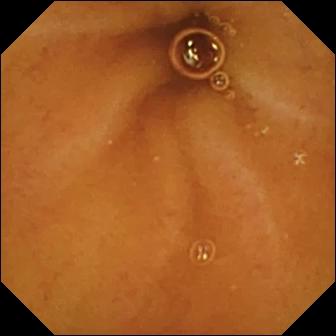Capsule endoscopy view (small bowel). Normal clean mucosa.